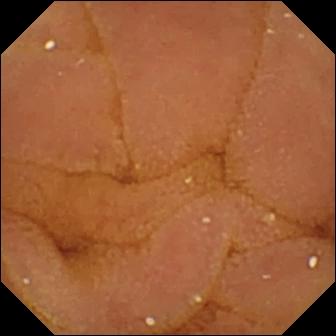PROCEDURE: WCE.
SEGMENT: Small intestine.
FINDINGS: Normal clean mucosa.